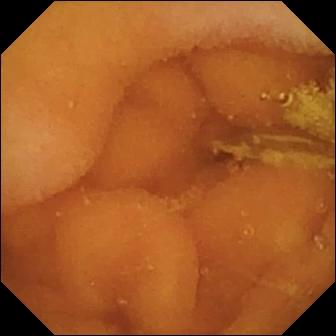Wireless capsule endoscopy frame showing normal clean mucosa.